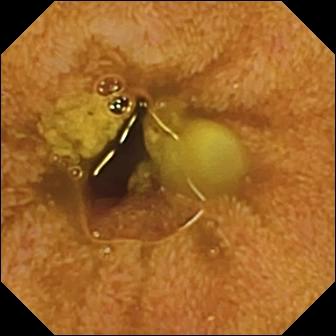Q: Where in the digestive tract was this capsule endoscopy image taken?
A: Ileo-cecal valve region.